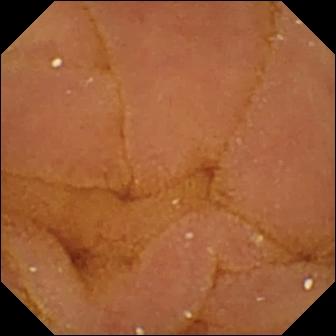Normal clean mucosa — wireless capsule endoscopy image of the small intestine.